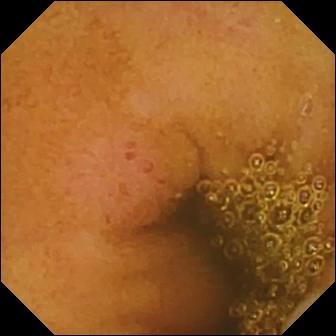Wireless capsule endoscopy image showing erosion.